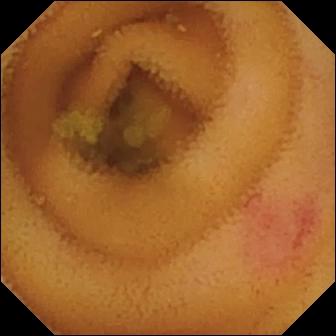- modality: small-bowel capsule endoscopy
- observation: angiectasia